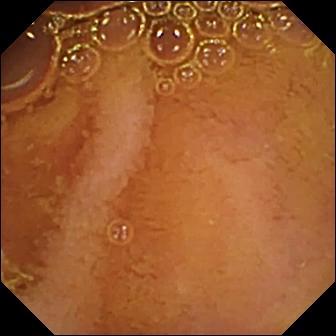Video capsule endoscopy image (small bowel). Normal clean mucosa.